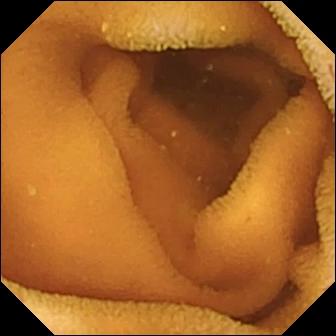This WCE image shows normal clean mucosa.